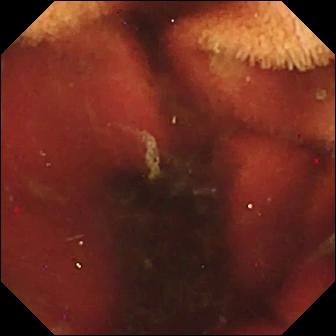Fresh blood in the lumen — capsule endoscopy snapshot.